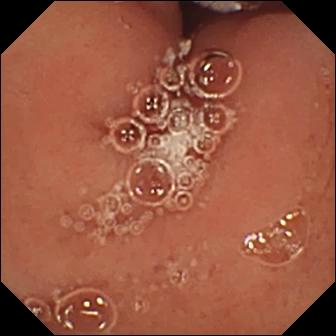Q: Where in the digestive tract was this VCE image taken?
A: Pylorus region.